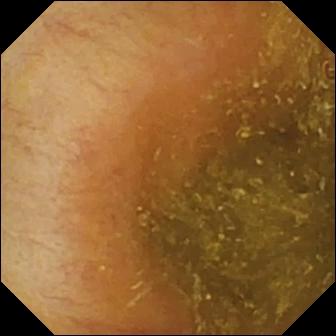Ileo-cecal valve region, 336×336.